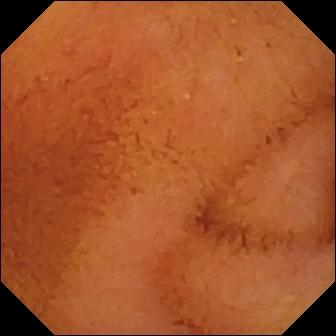This video capsule endoscopy frame shows normal clean mucosa.